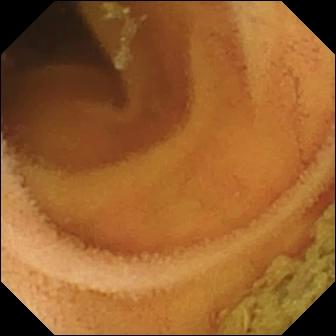Video capsule endoscopy frame showing normal clean mucosa.